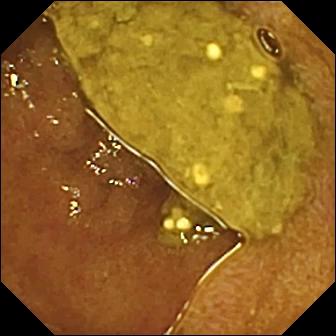Capsule endoscopy. Near an anatomical landmark. Video segment: ileo-cecal valve region (where the capsule passes from the small bowel into the large bowel).